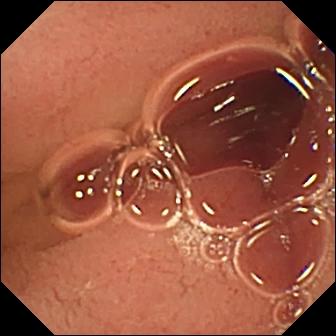Wireless capsule endoscopy view. Taken in the pylorus region (where the capsule passes from the stomach into the small bowel).